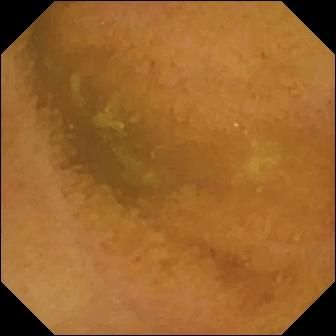- modality: WCE
- category: luminal finding
- impression: normal clean mucosa